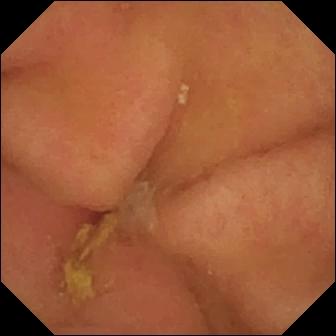Q: Where in the digestive tract was this small-bowel capsule endoscopy view taken?
A: Pylorus region (where the capsule passes from the stomach into the small bowel).